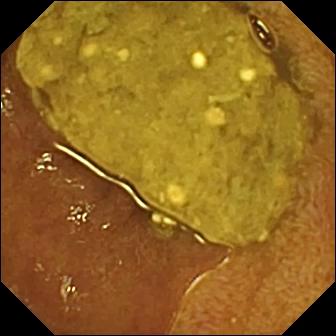Small-bowel capsule endoscopy snapshot taken in the ileo-cecal valve region (the transition from the small bowel to the large bowel).